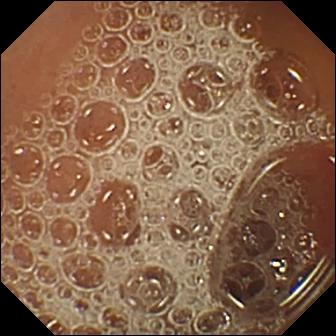This wireless capsule endoscopy snapshot shows normal clean mucosa.